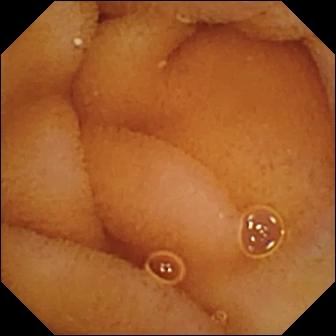This WCE view shows normal clean mucosa.